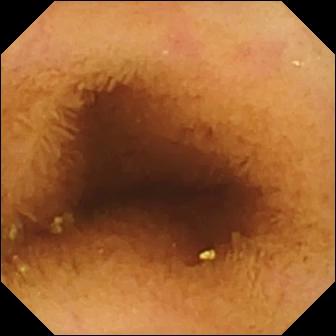VCE view, small intestine
Label: normal clean mucosa